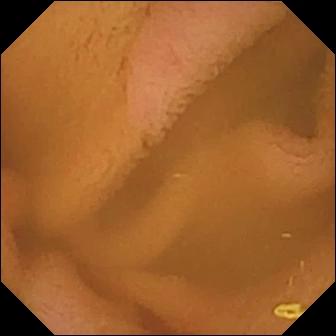Capsule endoscopy image of the small intestine showing normal clean mucosa.